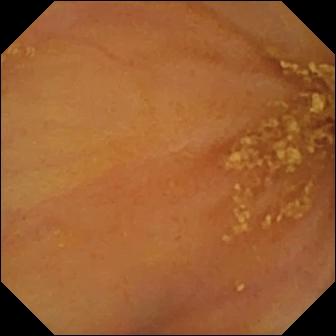Q: Where in the digestive tract was this wireless capsule endoscopy snapshot taken?
A: Ileo-cecal valve region (where the capsule passes from the small bowel into the large bowel).